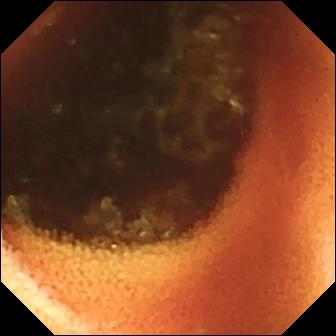Q: Where in the digestive tract was this video capsule endoscopy frame taken?
A: Ileo-cecal valve region (where the capsule passes from the small bowel into the large bowel).